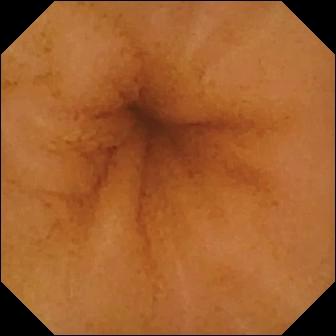PROCEDURE: Wireless capsule endoscopy.
FINDINGS: Normal clean mucosa.